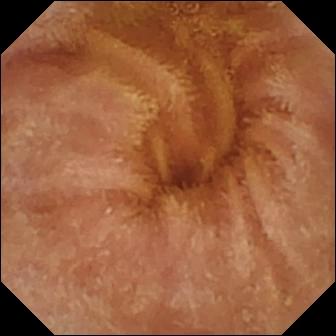modality: small-bowel capsule endoscopy | category: luminal finding | observation: normal clean mucosa